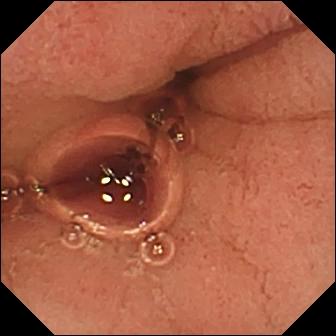Small-bowel capsule endoscopy still, 336×336. Taken in the pylorus region.